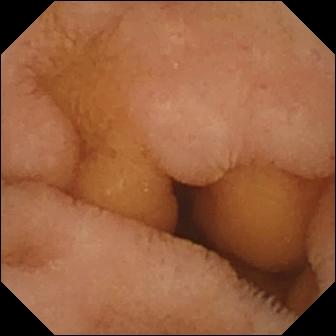Normal clean mucosa — VCE view of the small intestine.